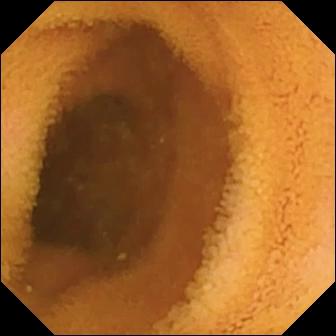Q: What does this VCE frame show?
A: Normal clean mucosa.